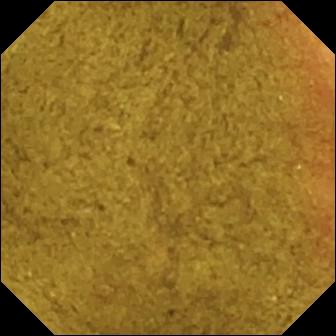VCE frame taken in the ileo-cecal valve region (where the capsule passes from the small bowel into the large bowel).